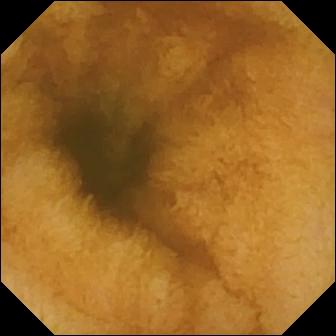- modality: wireless capsule endoscopy
- segment: small bowel
- category: luminal finding
- finding: normal clean mucosa